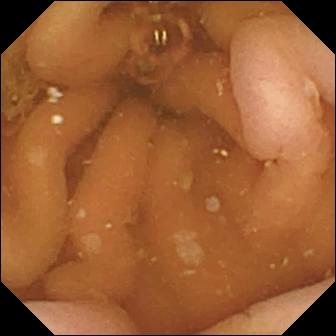Capsule endoscopy. Near an anatomical landmark. Video segment: pylorus region.